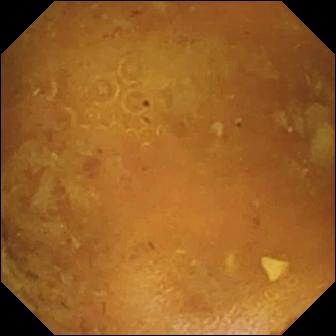This capsule endoscopy view shows reduced mucosal view (content or bubbles obscuring the mucosa).